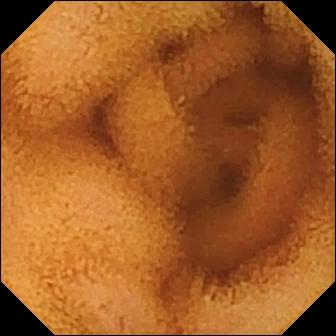VCE. Finding: normal clean mucosa.